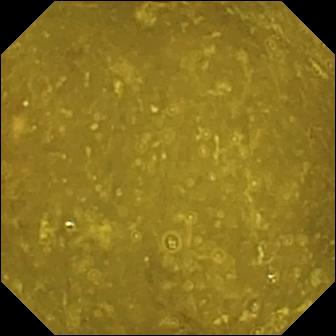VCE still. Taken in the ileo-cecal valve region (where the capsule passes from the small bowel into the large bowel).